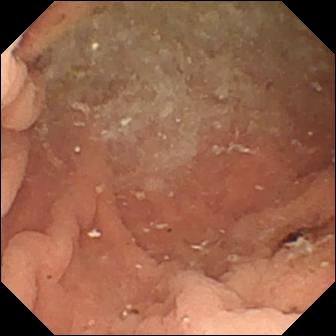WCE — angiectasia.